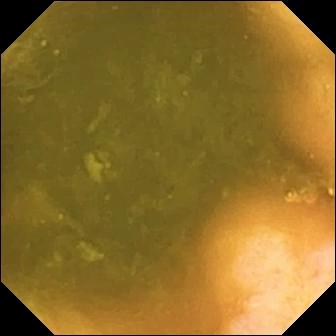modality: small-bowel capsule endoscopy | category: anatomical landmark | position: ileo-cecal valve region